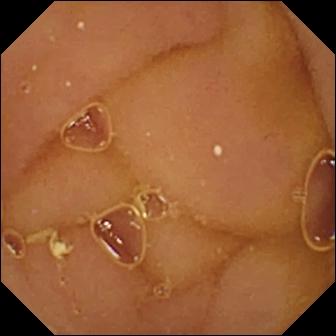PROCEDURE: Video capsule endoscopy.
FINDINGS: Normal clean mucosa.